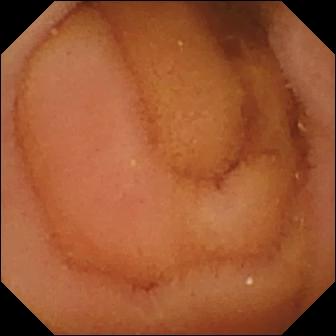WCE. Small bowel. Luminal finding. Label: normal clean mucosa.